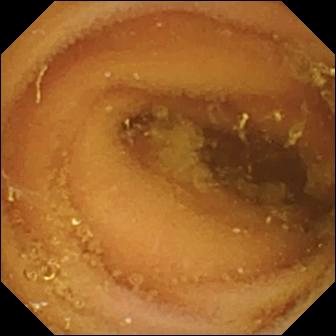Wireless capsule endoscopy image showing normal clean mucosa.